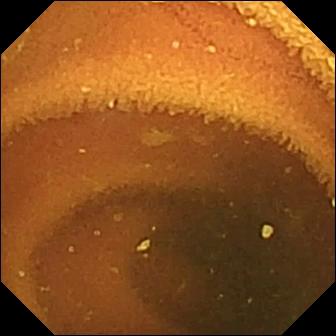VCE frame. Normal clean mucosa.